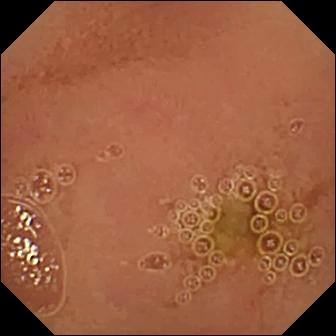Wireless capsule endoscopy snapshot
Finding: normal clean mucosa